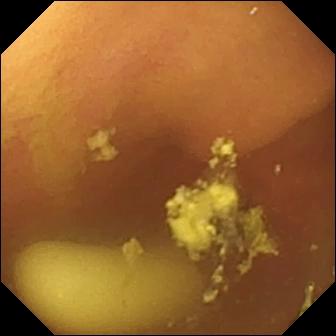modality: WCE
finding: foreign body (e.g. retained capsule, tablet residue)